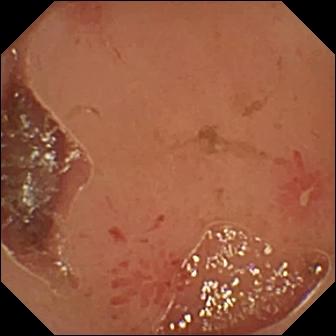Small-bowel capsule endoscopy still. Erosion.